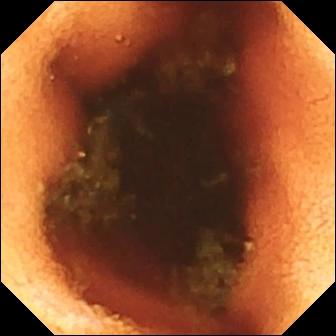Ileo-cecal valve region.